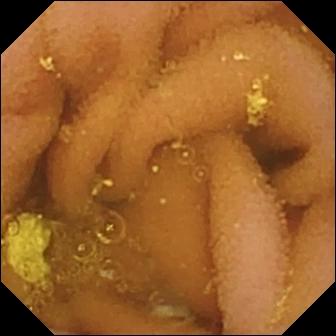Small-bowel capsule endoscopy view
Observation: lymphangiectasia